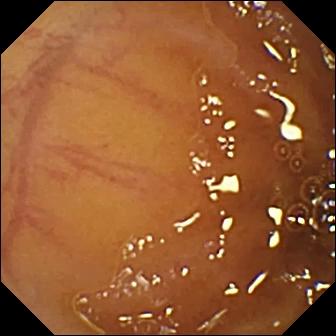This small-bowel capsule endoscopy still was taken in the ileo-cecal valve region.